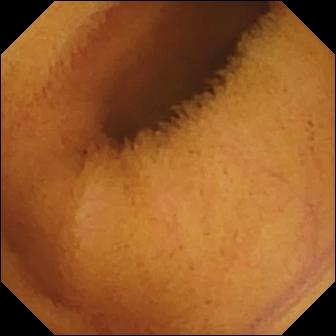Video capsule endoscopy still of the small bowel showing normal clean mucosa.